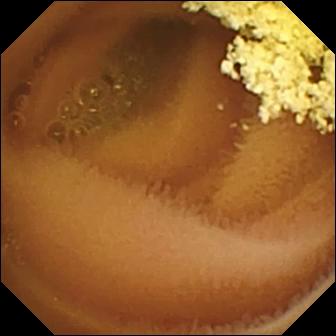Wireless capsule endoscopy frame
Observation: normal clean mucosa